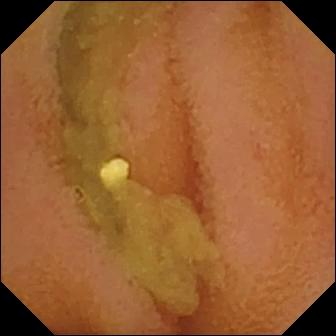Wireless capsule endoscopy — normal clean mucosa.